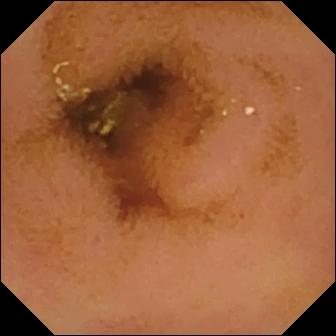PROCEDURE: VCE.
SEGMENT: Small intestine.
FINDINGS: Normal clean mucosa.